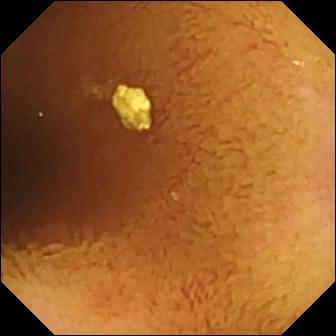Q: What does this WCE view show?
A: Normal clean mucosa.